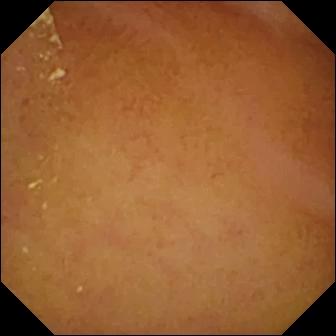Normal clean mucosa — VCE still.